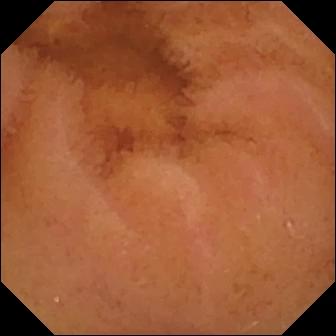Normal clean mucosa.